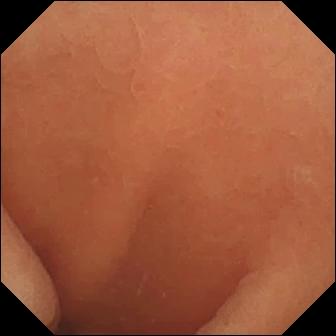WCE still showing normal clean mucosa.